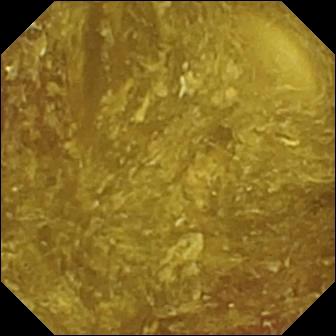PROCEDURE: WCE.
SEGMENT: Small intestine.
FINDINGS: Reduced mucosal view (content or bubbles obscuring the mucosa).